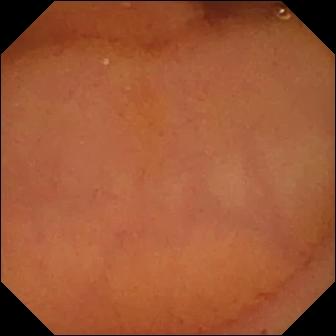modality: capsule endoscopy
label: normal clean mucosa